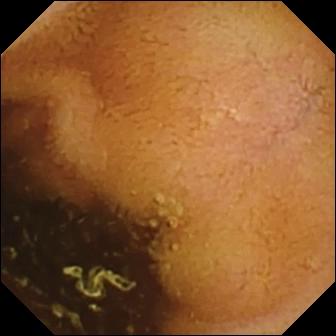modality: wireless capsule endoscopy
label: normal clean mucosa